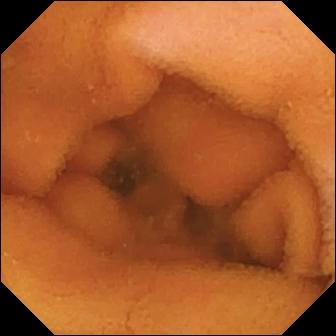{"modality": "video capsule endoscopy", "segment": "small intestine", "finding": "normal clean mucosa"}